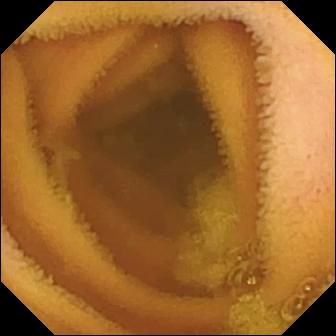WCE still, 336×336. Normal clean mucosa.